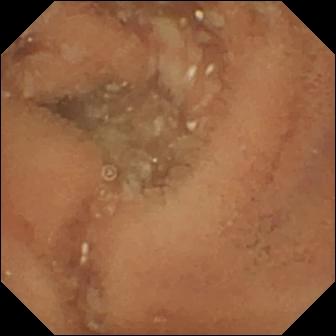modality: small-bowel capsule endoscopy; segment: small intestine; finding: normal clean mucosa